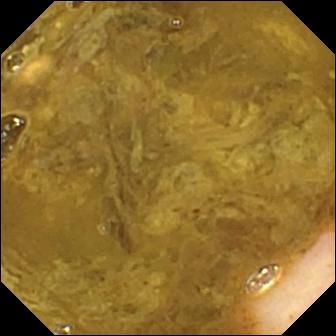Video capsule endoscopy snapshot taken in the ileo-cecal valve region (the transition from the small bowel to the large bowel).